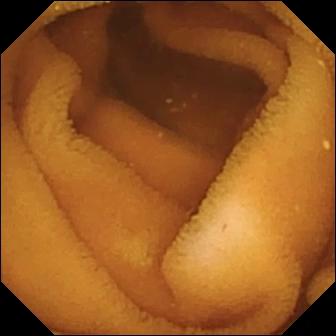Q: What does this small-bowel capsule endoscopy image of the small bowel show?
A: Normal clean mucosa.